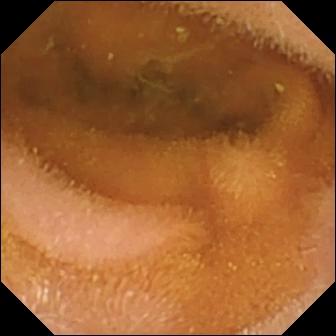Small-bowel capsule endoscopy image
Finding: normal clean mucosa